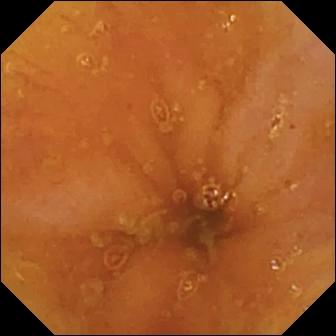PROCEDURE: Wireless capsule endoscopy.
LOCATION: Ileo-cecal valve region (where the capsule passes from the small bowel into the large bowel).